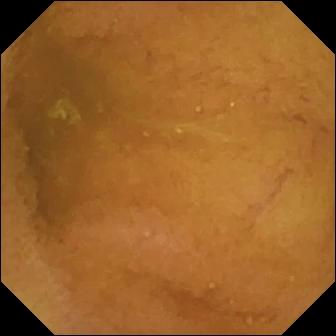This video capsule endoscopy frame of the small bowel shows normal clean mucosa.